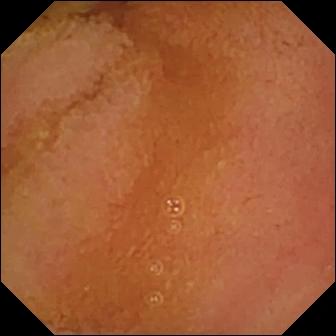- modality: VCE
- segment: small intestine
- category: luminal finding
- finding: normal clean mucosa